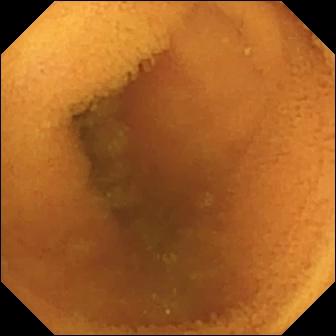WCE image
Observation: normal clean mucosa